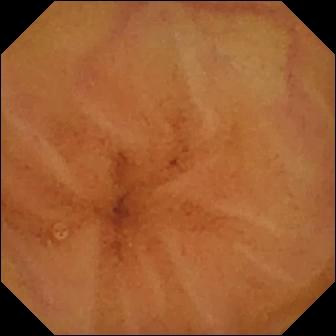This wireless capsule endoscopy frame of the small bowel shows normal clean mucosa.